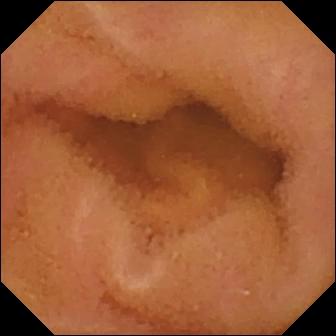Capsule endoscopy image (small intestine), 336×336. Normal clean mucosa.